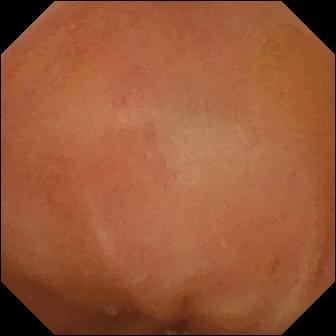Normal clean mucosa — WCE image.